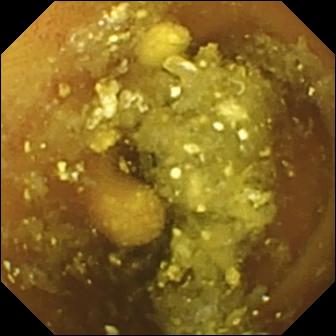Capsule endoscopy frame showing lymphangiectasia.